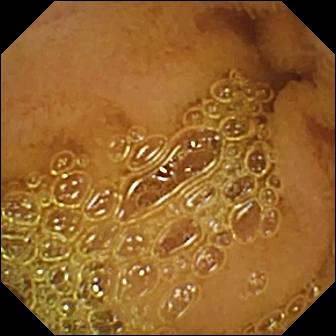Wireless capsule endoscopy — normal clean mucosa.